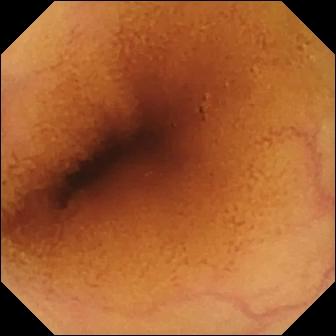- modality: WCE
- finding: normal clean mucosa